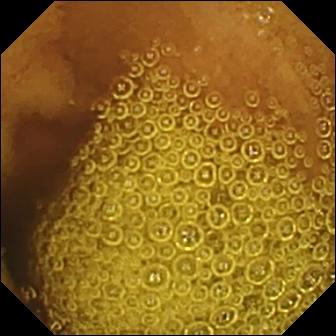modality: capsule endoscopy; segment: small bowel; impression: normal clean mucosa